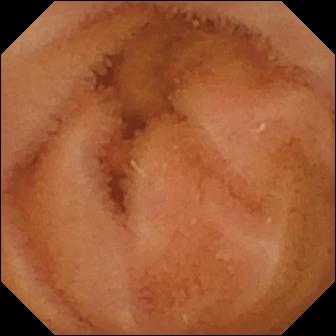PROCEDURE: WCE.
SEGMENT: Small bowel.
FINDINGS: Normal clean mucosa.